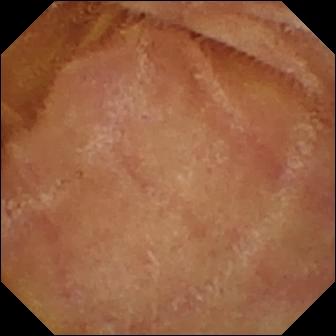Video capsule endoscopy view (small intestine). Normal clean mucosa.